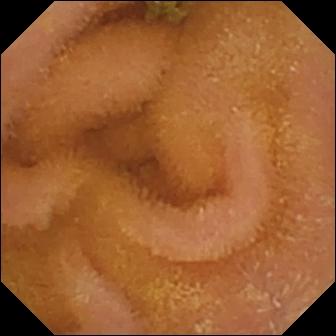modality: VCE; label: normal clean mucosa